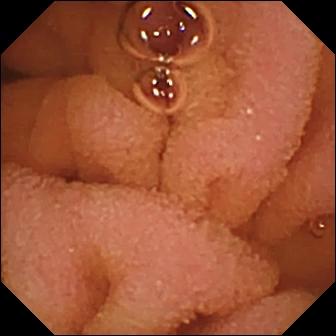Normal clean mucosa — small-bowel capsule endoscopy still of the small bowel.